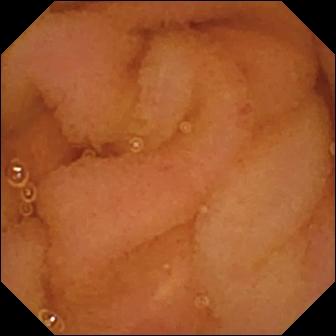VCE view showing normal clean mucosa.